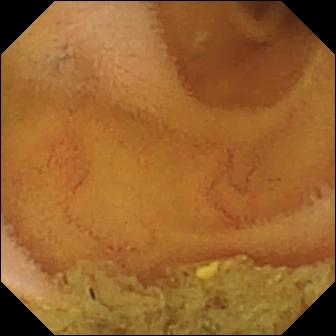This WCE still of the small intestine shows normal clean mucosa.